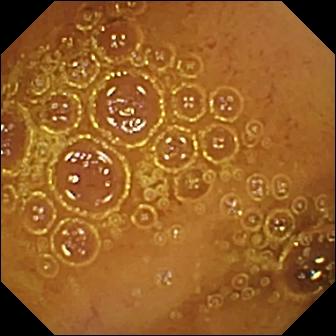Wireless capsule endoscopy — normal clean mucosa.